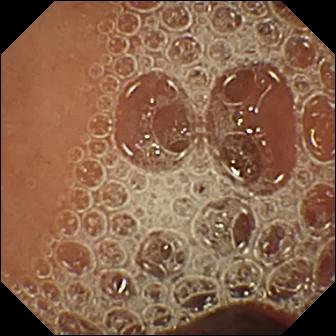This capsule endoscopy frame shows normal clean mucosa.